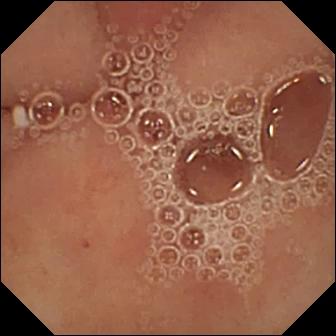Small-bowel capsule endoscopy — pylorus region (where the capsule passes from the stomach into the small bowel).